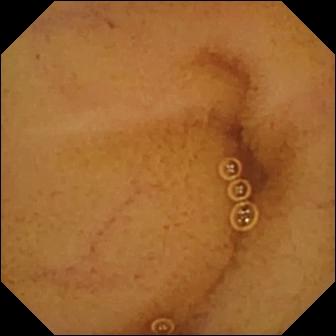Normal clean mucosa — capsule endoscopy still.